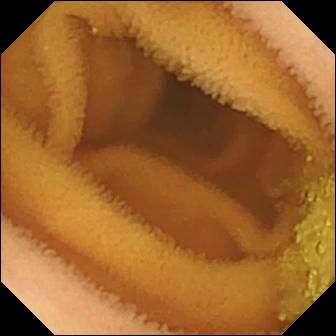modality: video capsule endoscopy | segment: small intestine | observation: normal clean mucosa